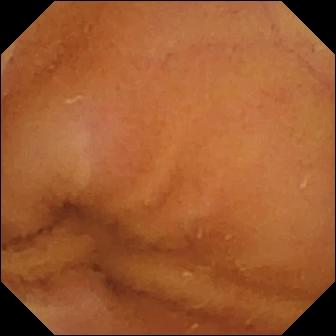Normal clean mucosa.